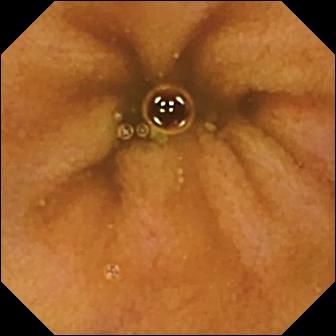PROCEDURE: Small-bowel capsule endoscopy.
SEGMENT: Small intestine.
FINDINGS: Normal clean mucosa.